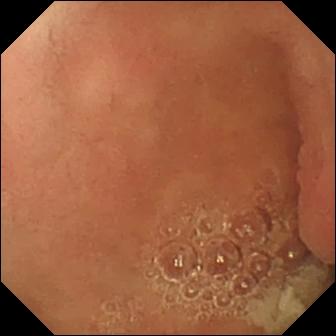Small-bowel capsule endoscopy — pylorus region (where the capsule passes from the stomach into the small bowel).